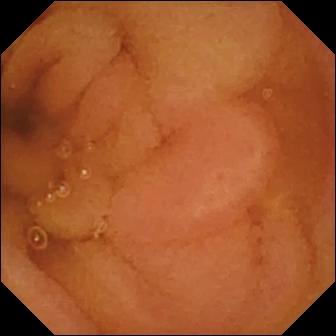PROCEDURE: Wireless capsule endoscopy.
FINDINGS: Normal clean mucosa.